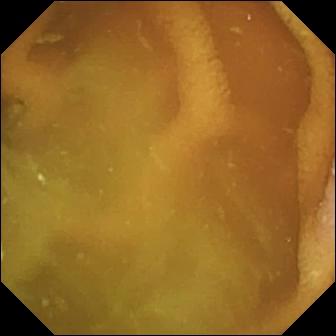Small-bowel capsule endoscopy image, small bowel
Impression: normal clean mucosa